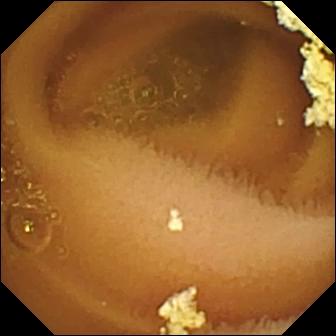Wireless capsule endoscopy still
Finding: normal clean mucosa